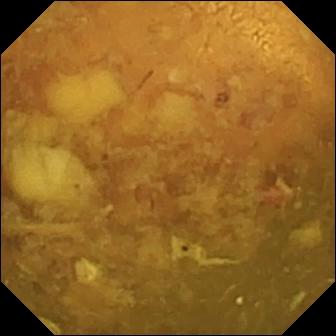{"modality": "wireless capsule endoscopy", "finding": "reduced mucosal view (content or bubbles obscuring the mucosa)"}